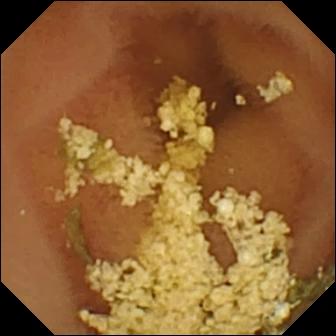WCE view, small intestine
Impression: normal clean mucosa